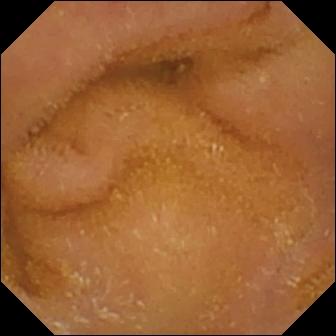Wireless capsule endoscopy snapshot
Observation: normal clean mucosa